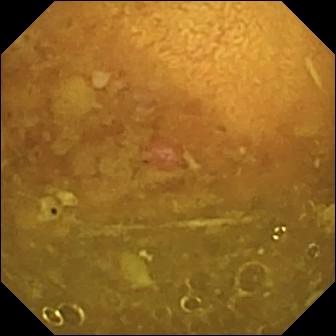{"modality": "VCE", "segment": "small intestine", "finding": "reduced mucosal view (content or bubbles obscuring the mucosa)"}